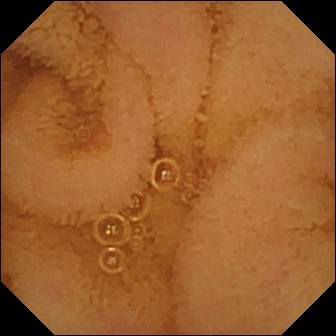Video capsule endoscopy snapshot showing normal clean mucosa.